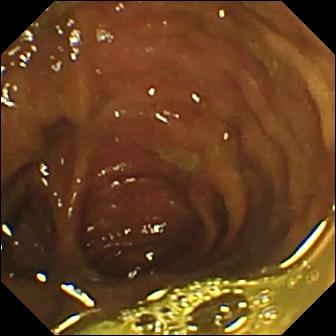WCE still taken in the ileo-cecal valve region (where the capsule passes from the small bowel into the large bowel).